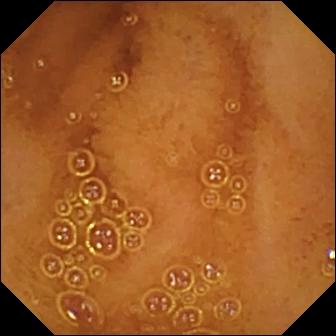PROCEDURE: Capsule endoscopy.
SEGMENT: Small bowel.
FINDINGS: Normal clean mucosa.